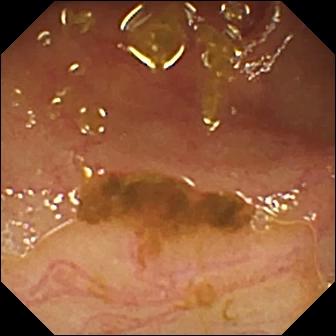PROCEDURE: Capsule endoscopy.
POSITION: Ileo-cecal valve region (the transition from the small bowel to the large bowel).